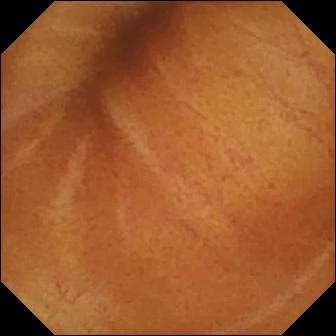WCE — normal clean mucosa.